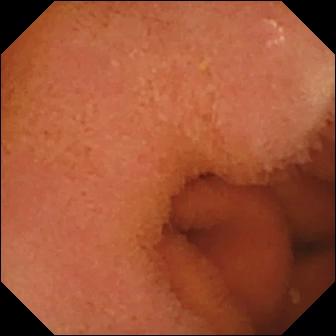PROCEDURE: WCE.
SEGMENT: Small bowel.
FINDINGS: Normal clean mucosa.